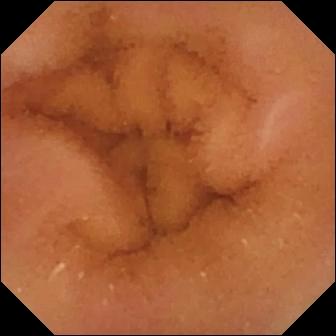Small-bowel capsule endoscopy snapshot showing normal clean mucosa.